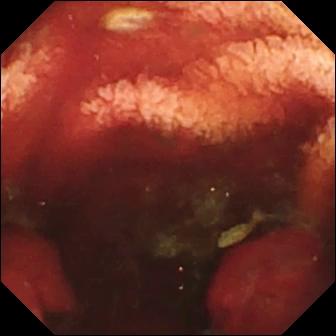This capsule endoscopy image shows fresh blood in the lumen.